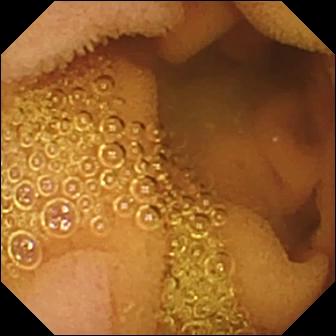Small-bowel capsule endoscopy image (small bowel). Normal clean mucosa.